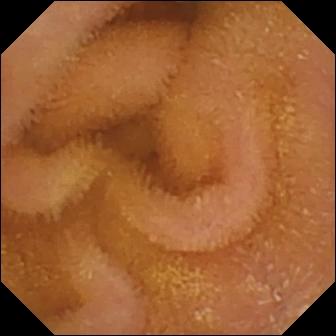Normal clean mucosa.